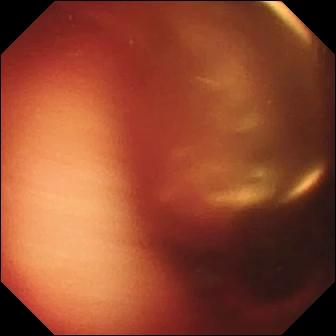{"modality": "video capsule endoscopy", "finding": "fresh blood in the lumen"}